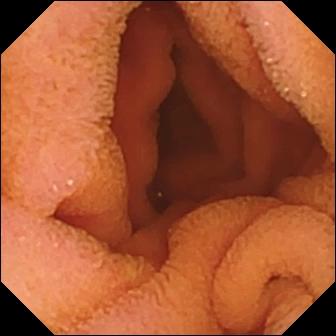PROCEDURE: Small-bowel capsule endoscopy.
FINDINGS: Normal clean mucosa.